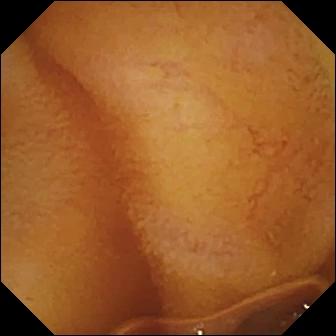- modality: wireless capsule endoscopy
- segment: small intestine
- finding: normal clean mucosa